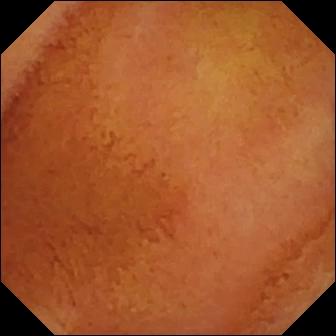This small-bowel capsule endoscopy view of the small bowel shows normal clean mucosa.